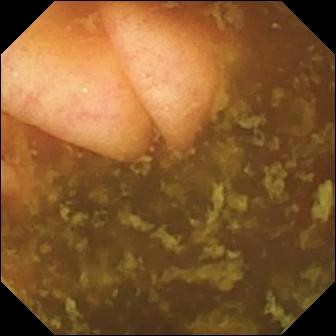{"modality": "WCE", "video_segment": "ileo-cecal valve region"}